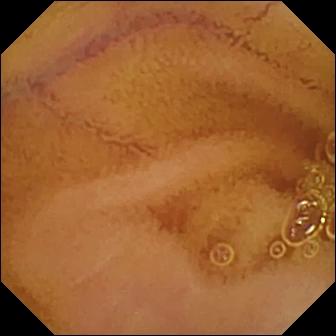VCE. Finding: normal clean mucosa.